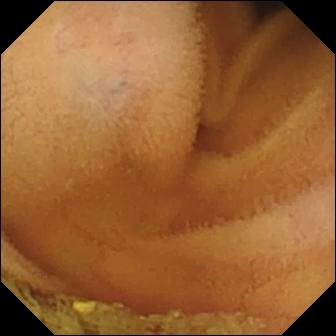Video capsule endoscopy. Small bowel. Luminal finding. Impression: normal clean mucosa.